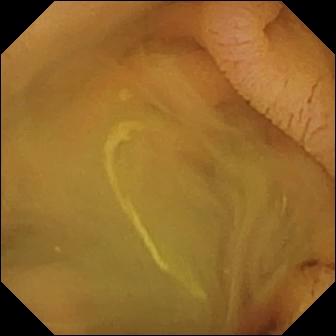Normal clean mucosa.